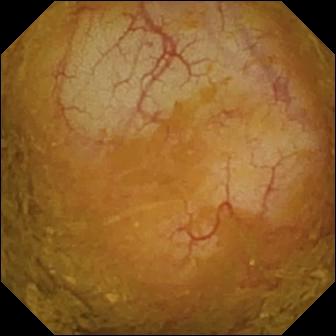WCE still, 336×336. Taken in the ileo-cecal valve region (where the capsule passes from the small bowel into the large bowel).